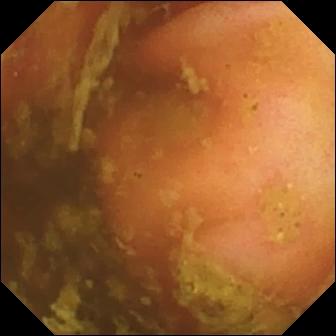VCE frame. Taken in the ileo-cecal valve region (where the capsule passes from the small bowel into the large bowel).